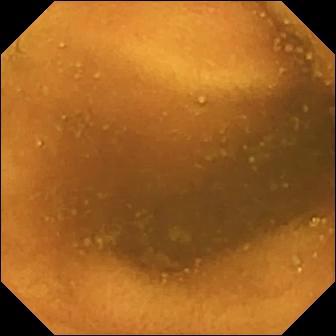VCE — normal clean mucosa.